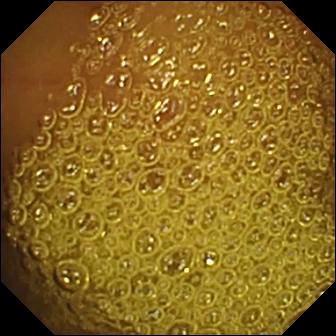Normal clean mucosa — video capsule endoscopy still.